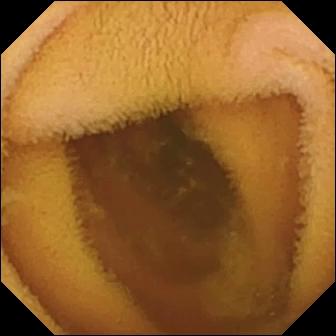Q: What does this wireless capsule endoscopy frame of the small intestine show?
A: Normal clean mucosa.